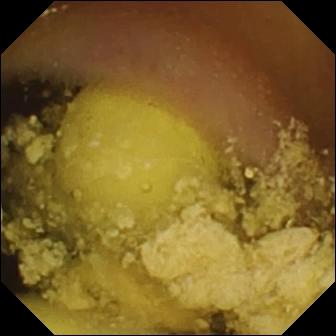Capsule endoscopy. Luminal finding. Label: foreign body (e.g. retained capsule, tablet residue).